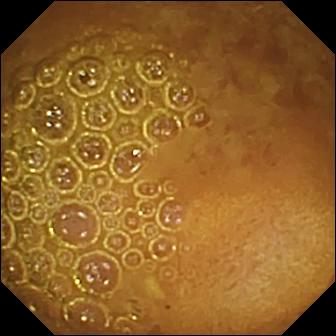PROCEDURE: Video capsule endoscopy.
SEGMENT: Small bowel.
FINDINGS: Reduced mucosal view (content or bubbles obscuring the mucosa).